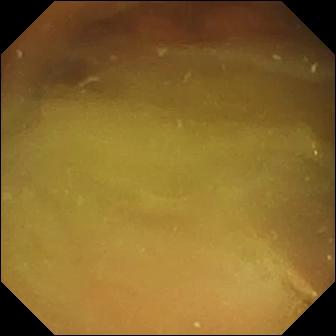{"modality": "VCE", "finding": "normal clean mucosa"}